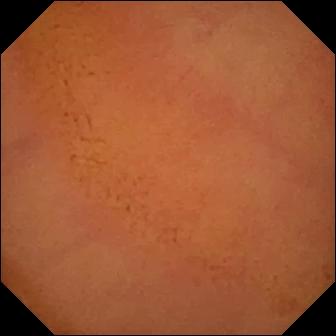Q: What does this video capsule endoscopy view of the small bowel show?
A: Normal clean mucosa.